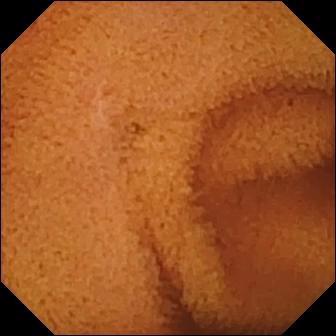This wireless capsule endoscopy view of the small bowel shows normal clean mucosa.